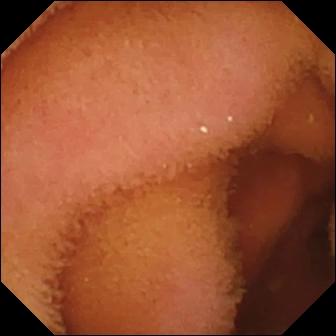This small-bowel capsule endoscopy still shows normal clean mucosa.